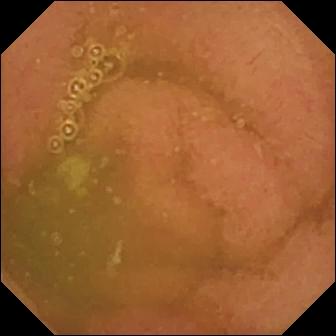WCE — normal clean mucosa.